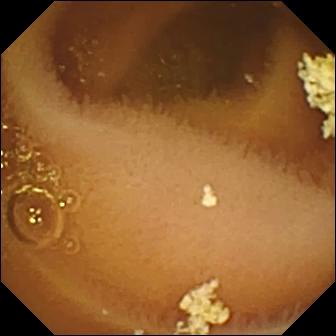This video capsule endoscopy view shows normal clean mucosa.